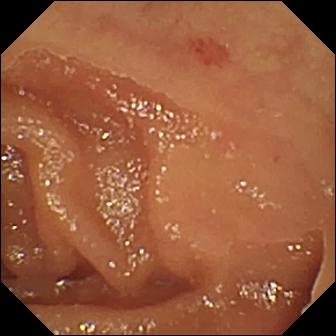Capsule endoscopy image. Angiectasia.